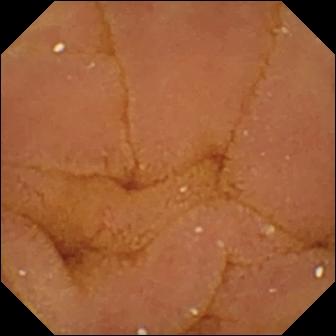modality: capsule endoscopy
category: luminal finding
impression: normal clean mucosa